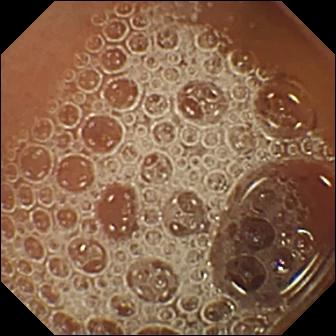Q: What does this small-bowel capsule endoscopy snapshot show?
A: Normal clean mucosa.